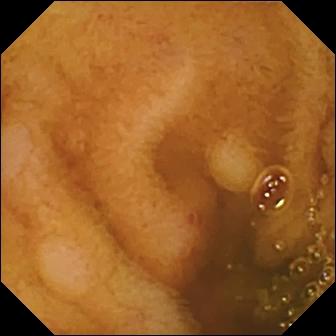- modality: video capsule endoscopy
- finding: erosion